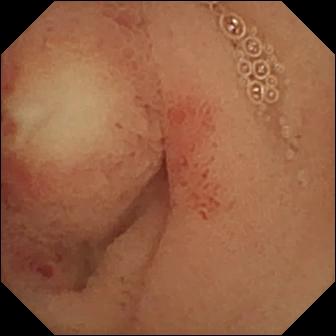modality: small-bowel capsule endoscopy | observation: ulcer